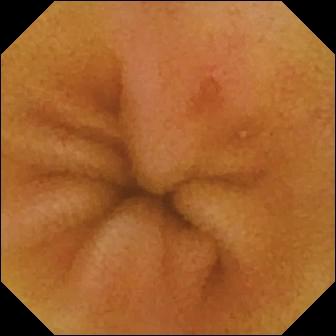PROCEDURE: Small-bowel capsule endoscopy.
FINDINGS: Erosion.